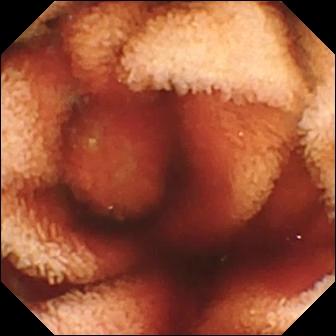WCE view showing fresh blood in the lumen.